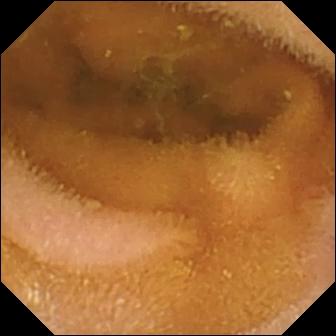Normal clean mucosa.